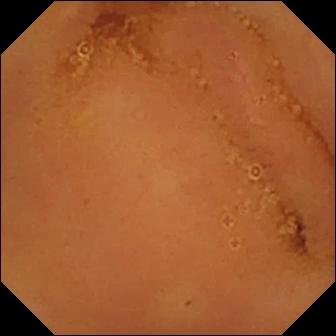Wireless capsule endoscopy image, small bowel
Label: normal clean mucosa